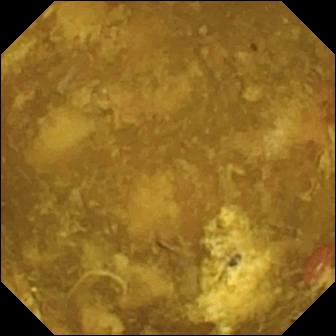PROCEDURE: VCE.
FINDINGS: Reduced mucosal view (content or bubbles obscuring the mucosa).